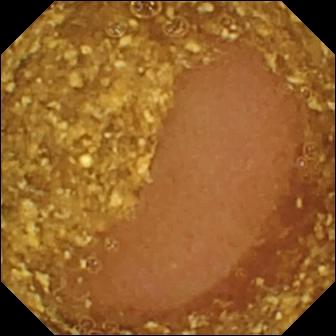Wireless capsule endoscopy still. Reduced mucosal view (content or bubbles obscuring the mucosa).